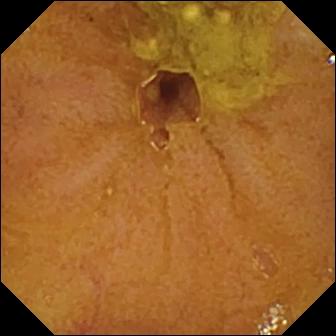{"modality": "wireless capsule endoscopy", "video_segment": "ileo-cecal valve region (where the capsule passes from the small bowel into the large bowel)"}